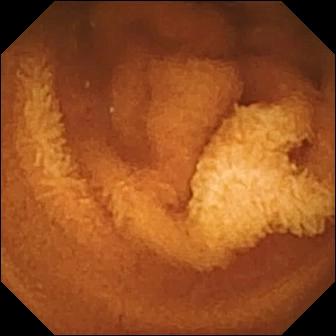Video capsule endoscopy still (small bowel). Normal clean mucosa.